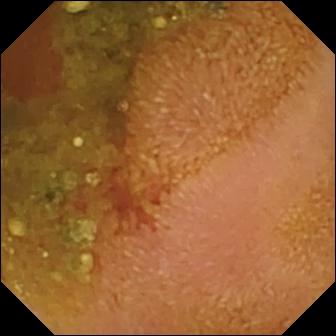Video capsule endoscopy image showing erosion.